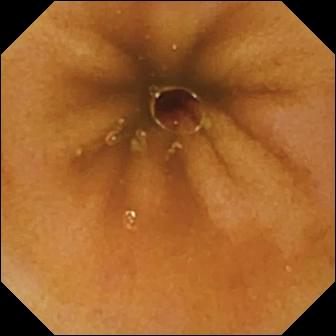WCE — normal clean mucosa.